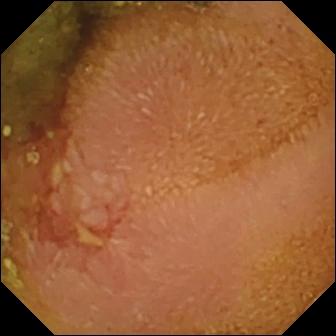Wireless capsule endoscopy. Finding: erosion.